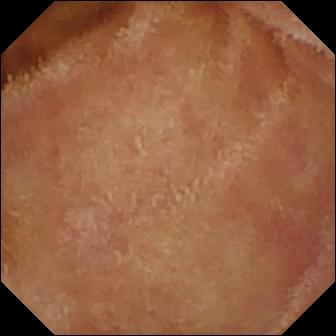Capsule endoscopy frame, small intestine
Label: normal clean mucosa